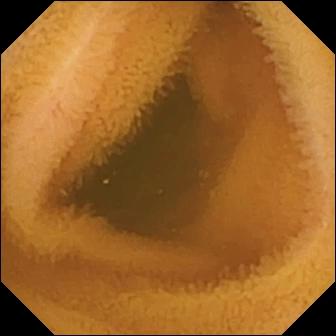PROCEDURE: WCE.
FINDINGS: Normal clean mucosa.